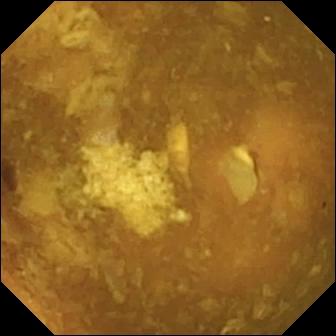This VCE snapshot shows reduced mucosal view (content or bubbles obscuring the mucosa).